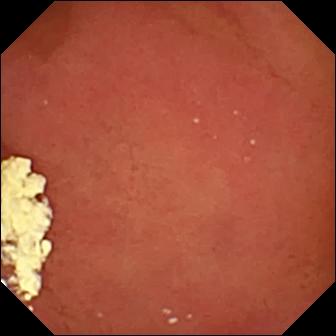{"modality": "small-bowel capsule endoscopy", "label": "pylorus region (the junction between the stomach and the small bowel)"}